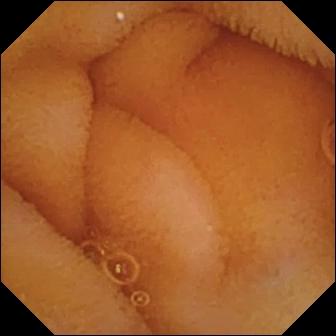modality: wireless capsule endoscopy
category: luminal finding
observation: normal clean mucosa